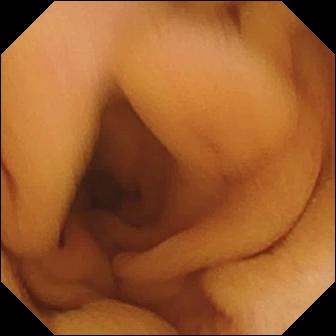modality: small-bowel capsule endoscopy
segment: small bowel
observation: normal clean mucosa